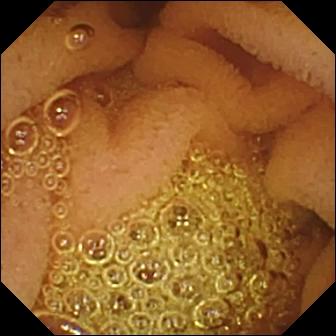Normal clean mucosa — WCE snapshot of the small bowel.